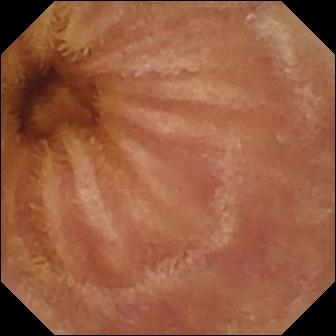VCE image (small bowel). Normal clean mucosa.